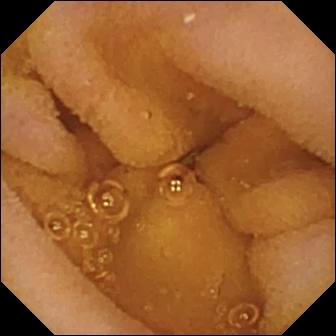- modality: wireless capsule endoscopy
- segment: small bowel
- impression: normal clean mucosa